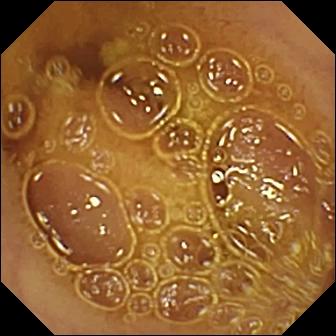Capsule endoscopy frame showing normal clean mucosa.